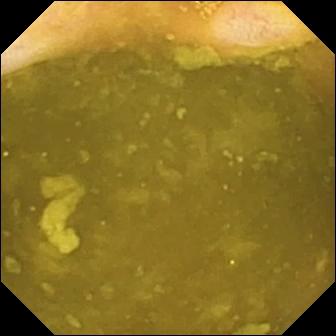This wireless capsule endoscopy snapshot was taken in the ileo-cecal valve region (where the capsule passes from the small bowel into the large bowel).